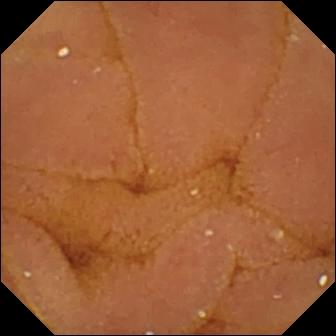{"modality": "wireless capsule endoscopy", "finding": "normal clean mucosa"}